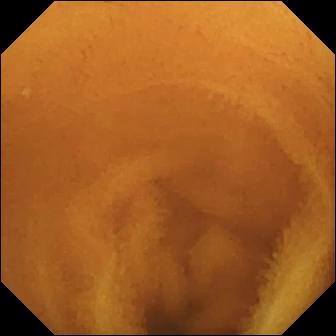Normal clean mucosa — VCE snapshot.